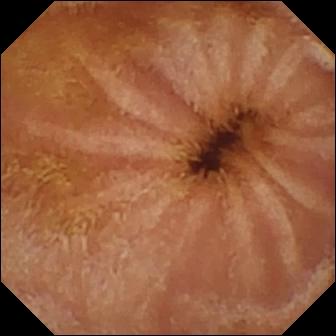Normal clean mucosa — capsule endoscopy image.